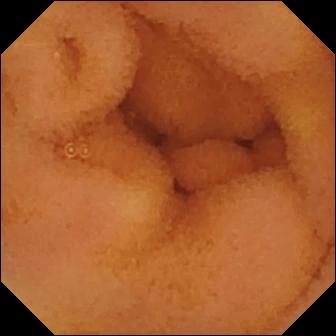modality: small-bowel capsule endoscopy
segment: small bowel
category: luminal finding
label: normal clean mucosa